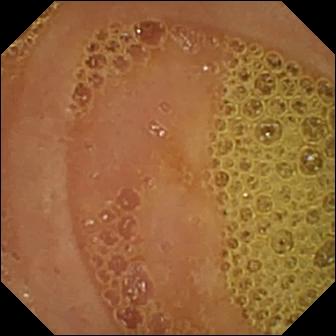WCE. Label: normal clean mucosa.